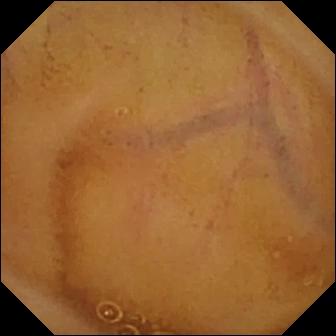Capsule endoscopy view of the small bowel showing normal clean mucosa.